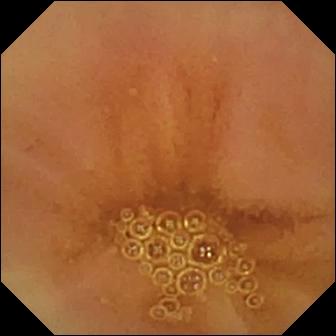Video capsule endoscopy. Small intestine. Finding: normal clean mucosa.